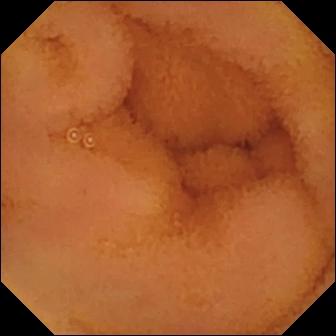Capsule endoscopy frame, 336×336. Normal clean mucosa.